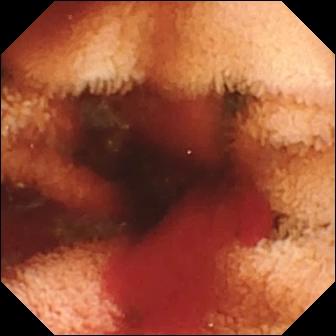Video capsule endoscopy — fresh blood in the lumen.